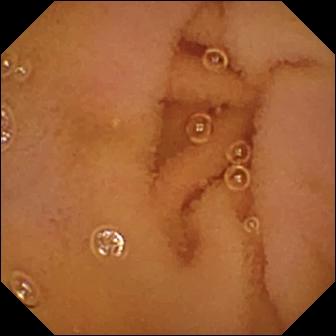Capsule endoscopy snapshot
Finding: normal clean mucosa